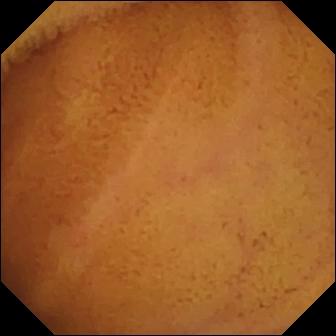- modality: capsule endoscopy
- category: luminal finding
- observation: normal clean mucosa